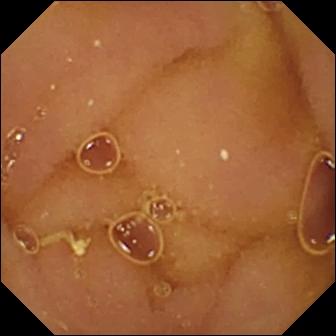Q: What does this WCE snapshot of the small bowel show?
A: Normal clean mucosa.